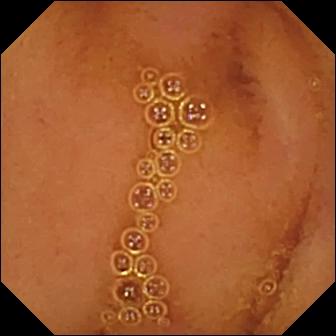PROCEDURE: Video capsule endoscopy.
SEGMENT: Small bowel.
FINDINGS: Normal clean mucosa.